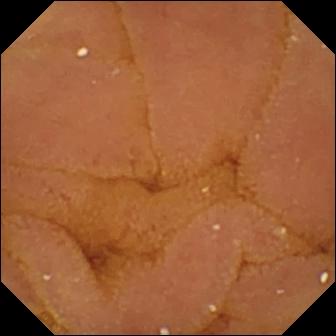Video capsule endoscopy snapshot
Impression: normal clean mucosa